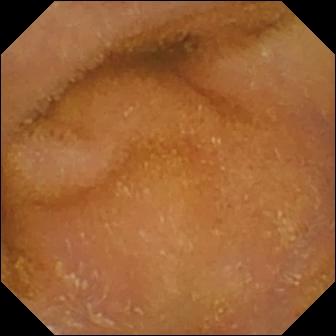{"modality": "video capsule endoscopy", "category": "luminal finding", "finding": "normal clean mucosa"}